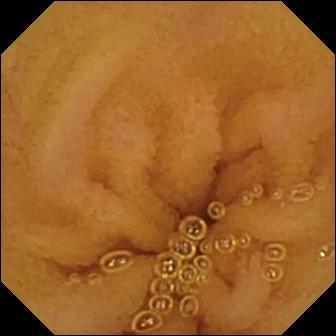Small-bowel capsule endoscopy still, 336×336. Normal clean mucosa.